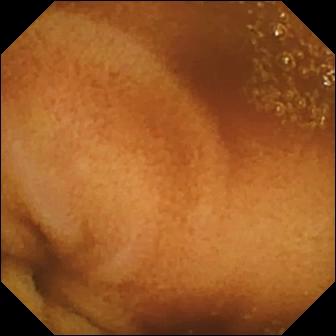PROCEDURE: Video capsule endoscopy.
FINDINGS: Normal clean mucosa.